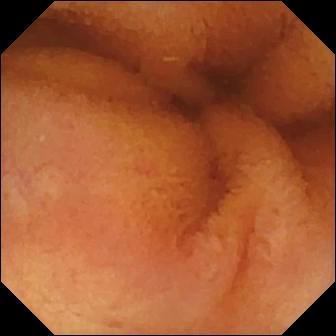Capsule endoscopy. Luminal finding. Label: normal clean mucosa.